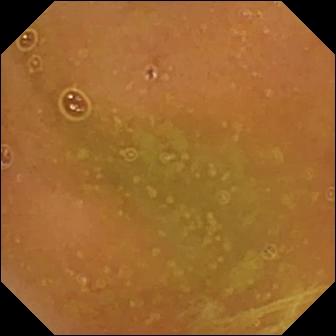WCE still, small bowel
Observation: normal clean mucosa